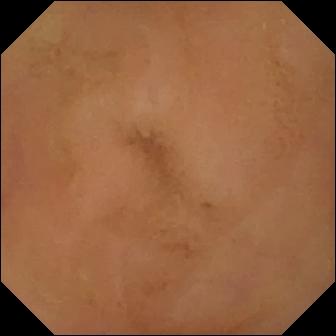Small-bowel capsule endoscopy snapshot
Label: normal clean mucosa